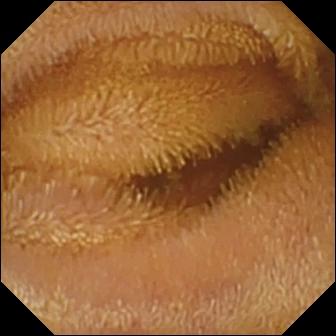Normal clean mucosa.